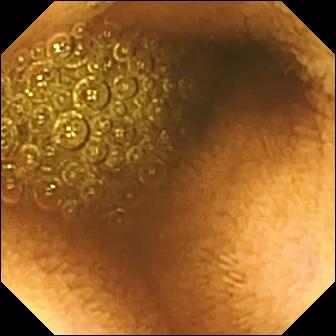Capsule endoscopy view, small bowel
Label: reduced mucosal view (content or bubbles obscuring the mucosa)